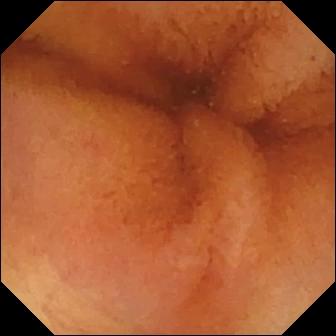Video capsule endoscopy — normal clean mucosa.